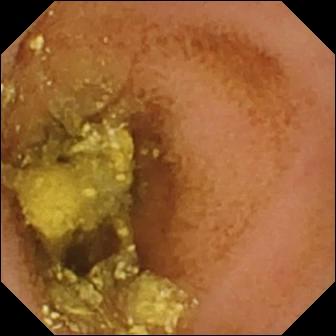modality: capsule endoscopy | impression: normal clean mucosa